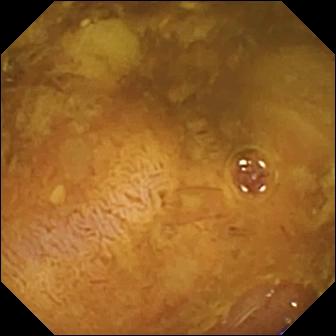This small-bowel capsule endoscopy still shows reduced mucosal view (content or bubbles obscuring the mucosa).